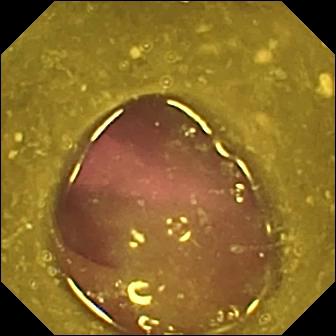Reduced mucosal view (content or bubbles obscuring the mucosa) — WCE still of the small intestine.